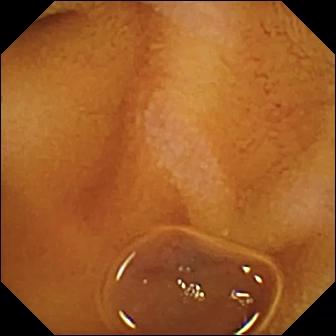WCE snapshot, small intestine
Label: normal clean mucosa